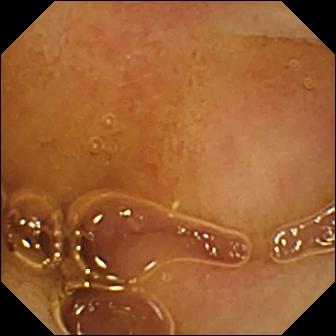Q: What does this capsule endoscopy view of the small bowel show?
A: Normal clean mucosa.